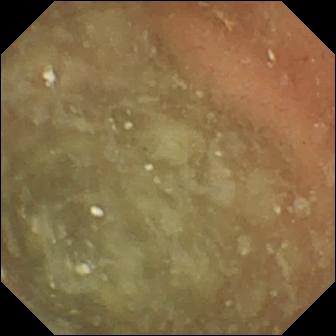{"modality": "VCE", "segment": "small intestine", "finding": "normal clean mucosa"}